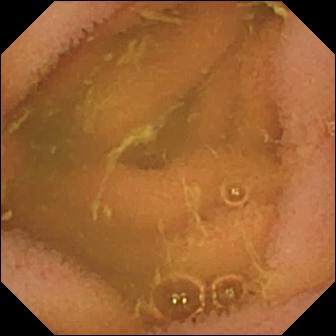Normal clean mucosa (336×336).